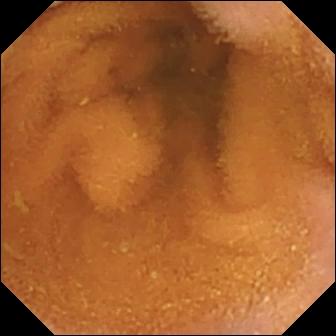Normal clean mucosa (336×336).